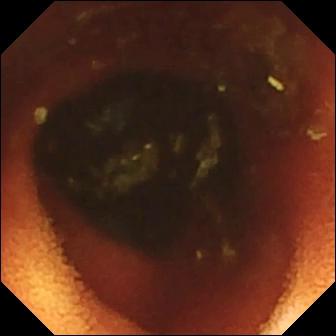PROCEDURE: Video capsule endoscopy.
LABEL: Ileo-cecal valve region (where the capsule passes from the small bowel into the large bowel).